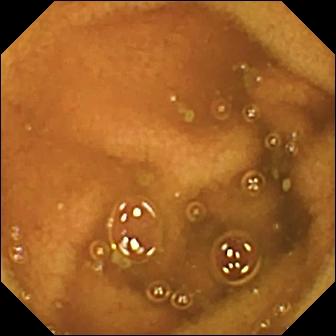modality: small-bowel capsule endoscopy
segment: small bowel
label: normal clean mucosa